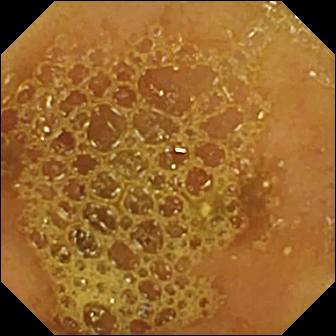Wireless capsule endoscopy image
Position: ileo-cecal valve region (where the capsule passes from the small bowel into the large bowel)